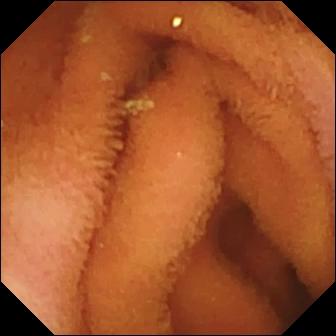Q: What does this VCE still of the small bowel show?
A: Normal clean mucosa.